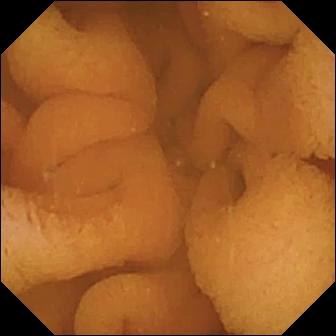PROCEDURE: VCE.
FINDINGS: Normal clean mucosa.